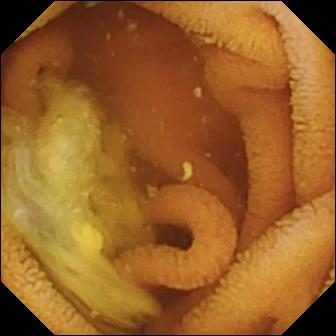Normal clean mucosa — small-bowel capsule endoscopy snapshot.